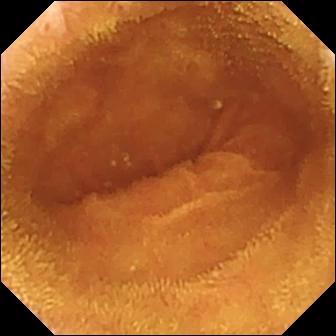{"modality": "WCE", "category": "luminal finding", "finding": "normal clean mucosa"}